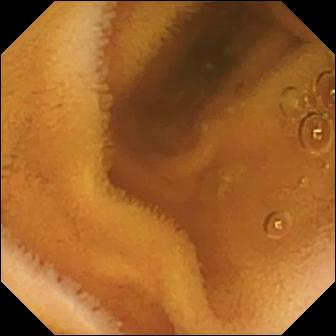PROCEDURE: Capsule endoscopy.
SEGMENT: Small intestine.
FINDINGS: Normal clean mucosa.